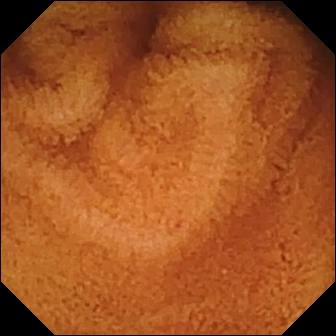Normal clean mucosa — VCE still.